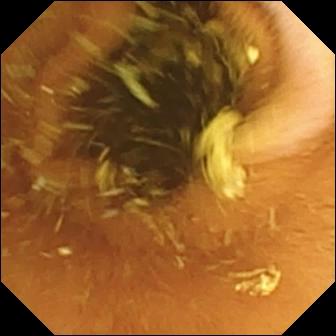Q: What does this WCE snapshot of the small bowel show?
A: Normal clean mucosa.